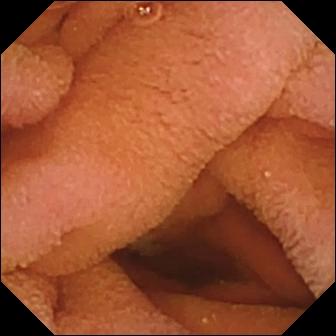PROCEDURE: VCE.
FINDINGS: Normal clean mucosa.